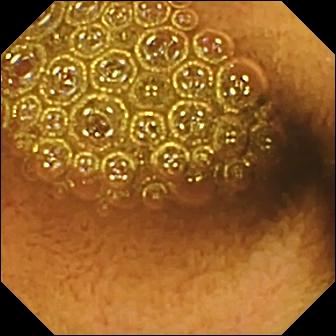Small-bowel capsule endoscopy. Small intestine. Impression: reduced mucosal view (content or bubbles obscuring the mucosa).